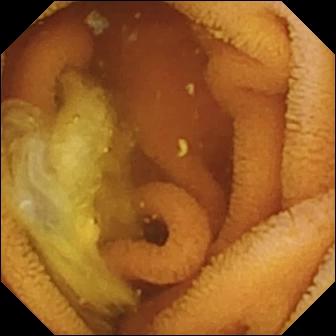Normal clean mucosa (336×336).